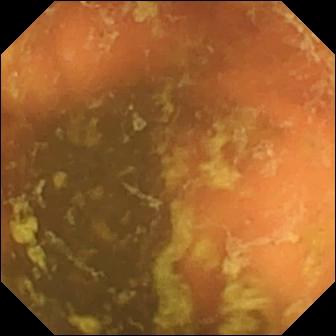VCE image
Location: ileo-cecal valve region